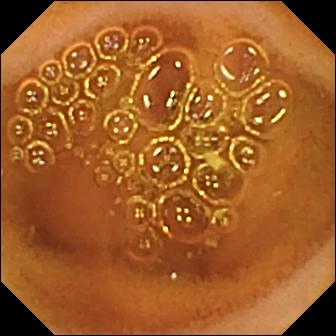Video capsule endoscopy view. Normal clean mucosa.